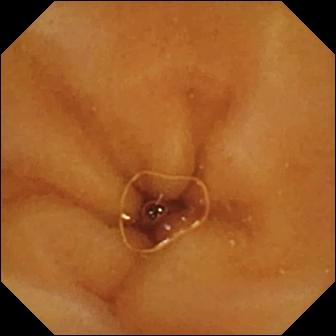WCE. Luminal finding. Finding: normal clean mucosa.